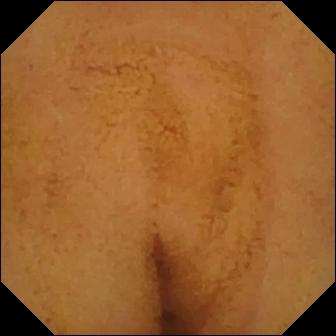Wireless capsule endoscopy frame, small bowel
Label: normal clean mucosa